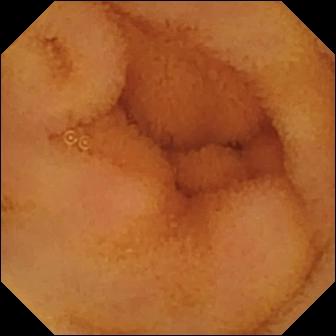- modality: wireless capsule endoscopy
- segment: small intestine
- finding: normal clean mucosa